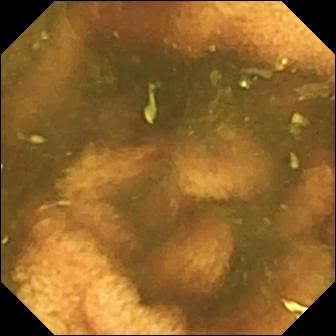{"modality": "small-bowel capsule endoscopy", "position": "ileo-cecal valve region"}